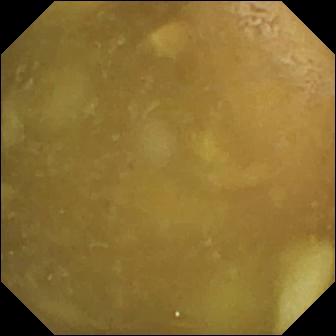WCE still
Location: ileo-cecal valve region (where the capsule passes from the small bowel into the large bowel)